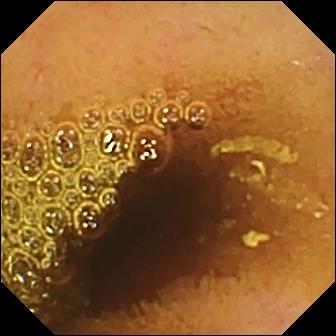Wireless capsule endoscopy image (small bowel), 336×336. Normal clean mucosa.